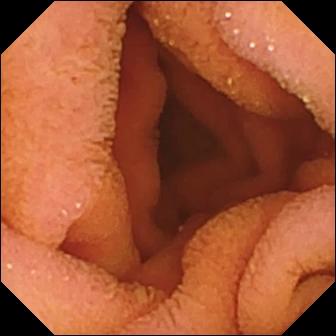Capsule endoscopy still of the small intestine showing normal clean mucosa.